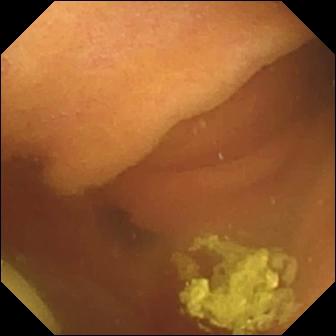Video capsule endoscopy frame
Observation: foreign body (e.g. retained capsule, tablet residue)